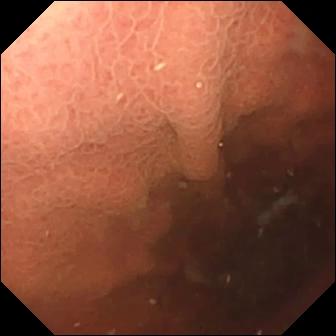modality: small-bowel capsule endoscopy
label: pylorus region (where the capsule passes from the stomach into the small bowel)